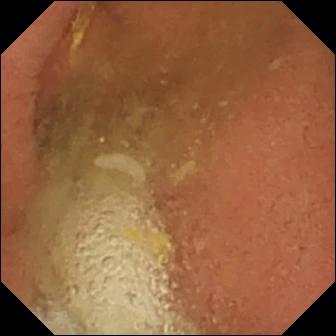- modality: WCE
- category: anatomical landmark
- position: pylorus region